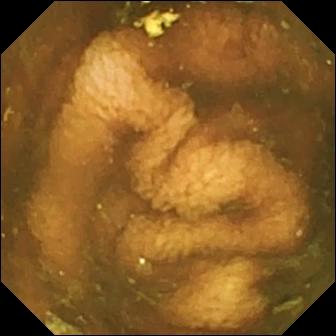Ileo-cecal valve region (where the capsule passes from the small bowel into the large bowel) — video capsule endoscopy frame.